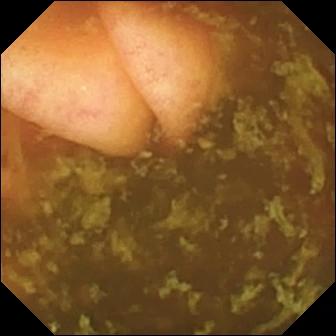VCE. Position: ileo-cecal valve region.